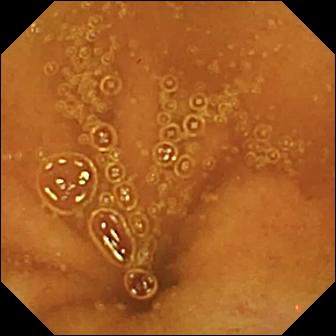Small-bowel capsule endoscopy frame, small bowel
Finding: normal clean mucosa